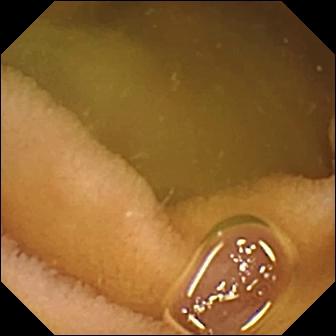Wireless capsule endoscopy — normal clean mucosa.